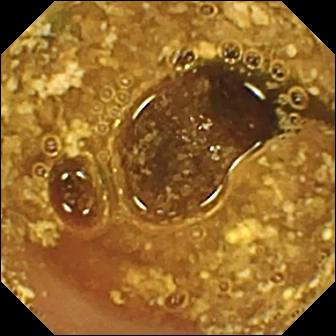Capsule endoscopy frame
Label: reduced mucosal view (content or bubbles obscuring the mucosa)